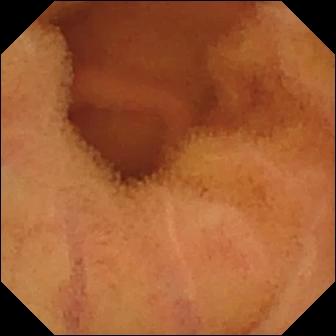Normal clean mucosa — VCE frame of the small intestine.